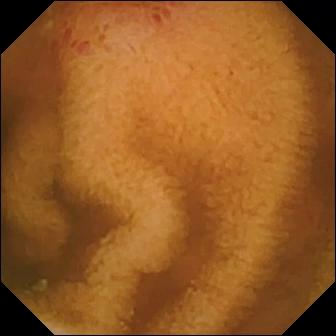PROCEDURE: Capsule endoscopy.
FINDINGS: Erosion.